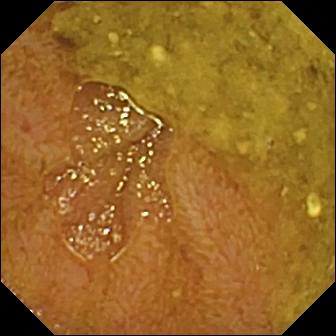This capsule endoscopy image was taken in the ileo-cecal valve region (where the capsule passes from the small bowel into the large bowel).